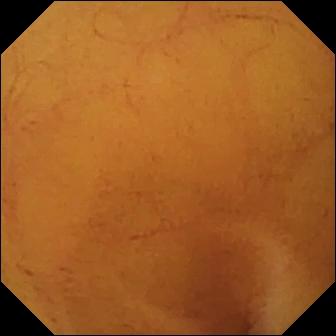WCE frame, small intestine
Finding: normal clean mucosa